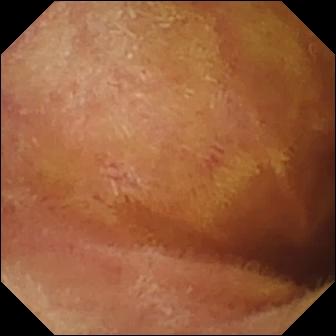- modality: video capsule endoscopy
- segment: small intestine
- finding: normal clean mucosa